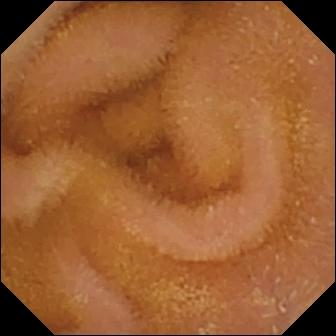Capsule endoscopy image of the small intestine showing normal clean mucosa.